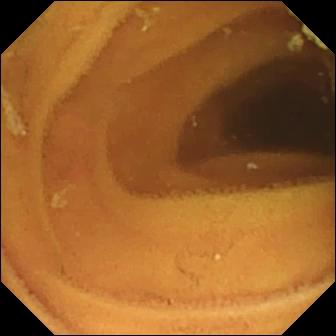Video capsule endoscopy snapshot (small intestine). Normal clean mucosa.